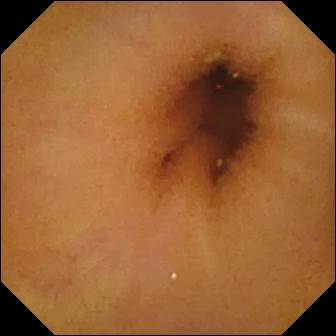PROCEDURE: Wireless capsule endoscopy.
SEGMENT: Small bowel.
FINDINGS: Normal clean mucosa.